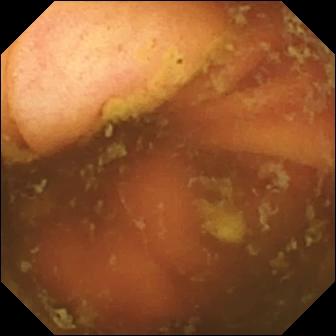PROCEDURE: Small-bowel capsule endoscopy.
VIDEO SEGMENT: Ileo-cecal valve region (where the capsule passes from the small bowel into the large bowel).